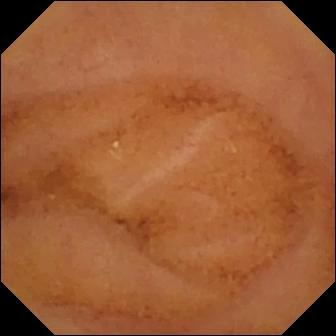Video capsule endoscopy frame (small intestine). Normal clean mucosa.